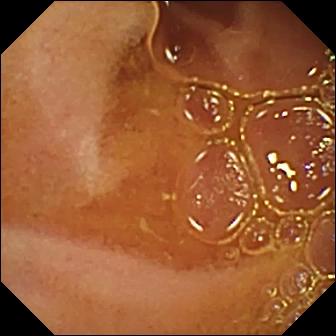Normal clean mucosa.